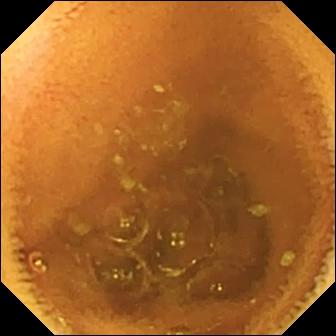Small-bowel capsule endoscopy. Small bowel. Luminal finding. Observation: normal clean mucosa.